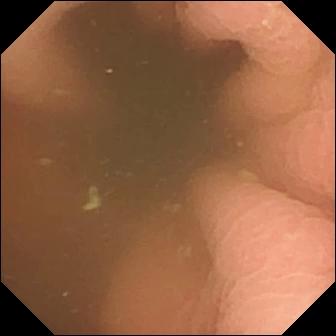{"modality": "VCE", "category": "anatomical landmark", "position": "pylorus region (the junction between the stomach and the small bowel)"}